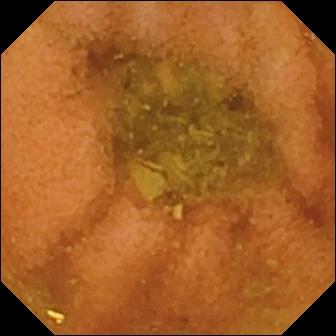PROCEDURE: Video capsule endoscopy.
SEGMENT: Small bowel.
FINDINGS: Normal clean mucosa.